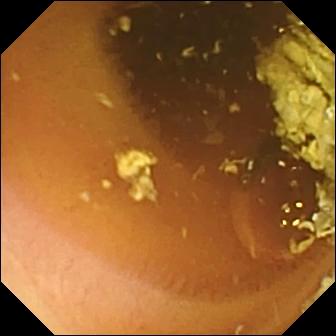Wireless capsule endoscopy. Luminal finding. Impression: normal clean mucosa.